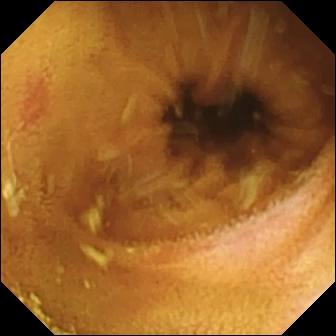PROCEDURE: Small-bowel capsule endoscopy.
FINDINGS: Erosion.